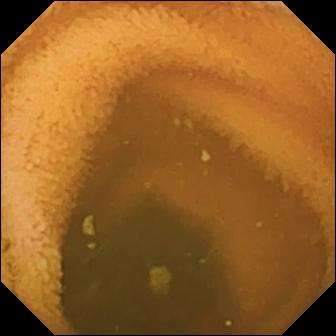PROCEDURE: VCE.
SEGMENT: Small bowel.
FINDINGS: Normal clean mucosa.